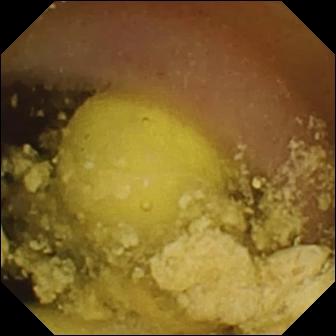WCE still, 336×336. Foreign body (e.g. retained capsule, tablet residue).